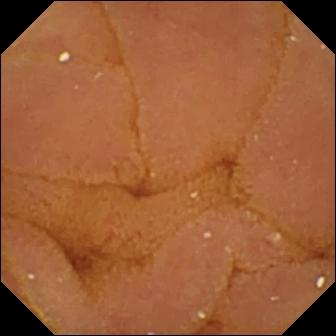WCE frame showing normal clean mucosa.